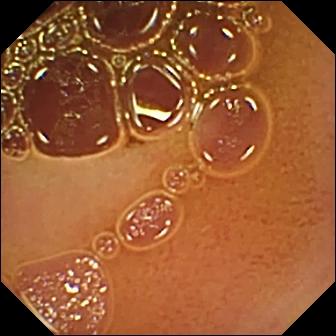Small-bowel capsule endoscopy still (small intestine). Normal clean mucosa.